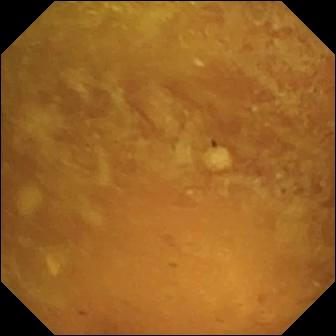Small-bowel capsule endoscopy — reduced mucosal view (content or bubbles obscuring the mucosa).